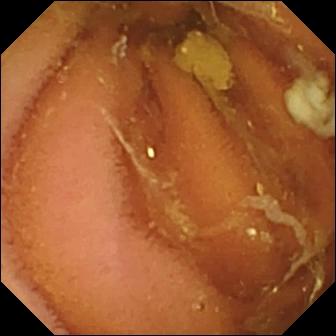PROCEDURE: Wireless capsule endoscopy.
FINDINGS: Normal clean mucosa.